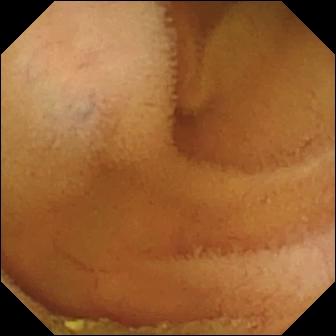PROCEDURE: VCE.
FINDINGS: Normal clean mucosa.